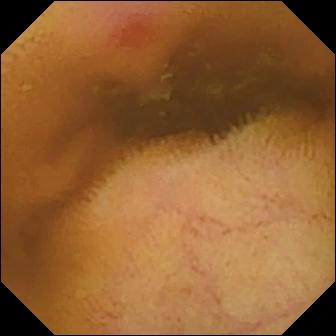Q: What does this small-bowel capsule endoscopy snapshot show?
A: Erythema (mucosal redness).